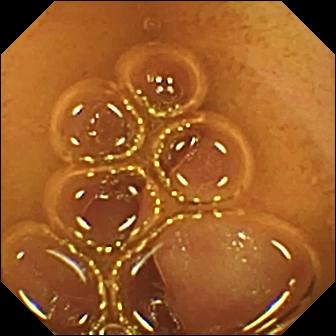{"modality": "WCE", "finding": "normal clean mucosa"}